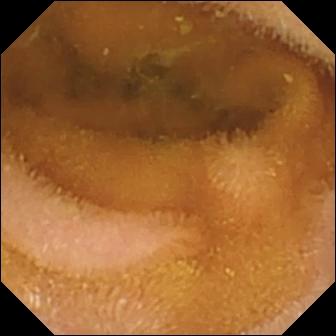{"modality": "video capsule endoscopy", "finding": "normal clean mucosa"}